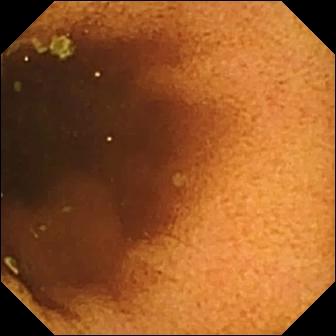Small-bowel capsule endoscopy still of the small intestine showing normal clean mucosa.